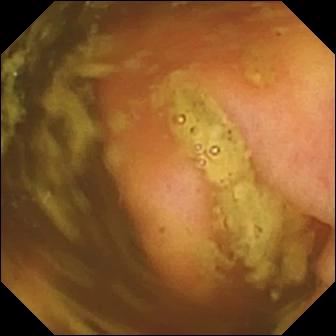This WCE view was taken in the ileo-cecal valve region (where the capsule passes from the small bowel into the large bowel).